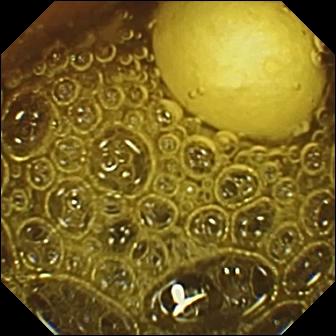Foreign body (e.g. retained capsule, tablet residue) — wireless capsule endoscopy snapshot.